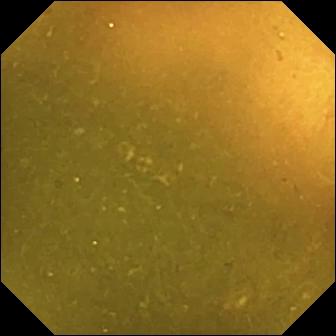This video capsule endoscopy view was taken in the ileo-cecal valve region.